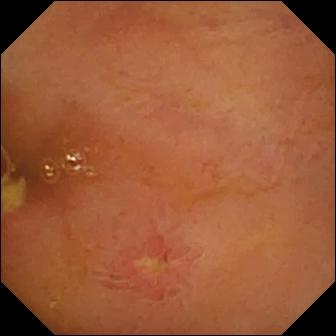VCE — ulcer.